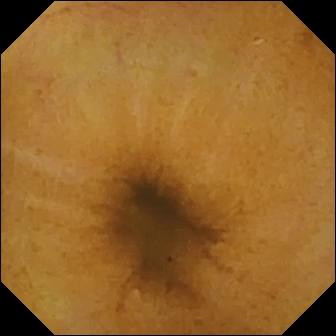modality: VCE; category: luminal finding; finding: normal clean mucosa